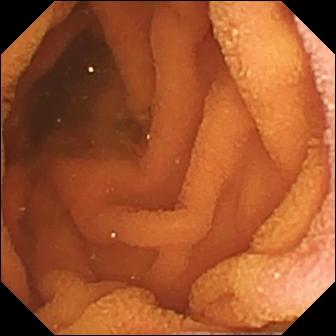{"modality": "VCE", "segment": "small bowel", "category": "luminal finding", "finding": "normal clean mucosa"}